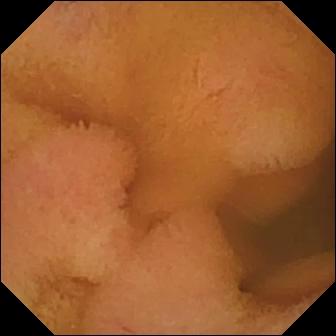VCE. Label: normal clean mucosa.